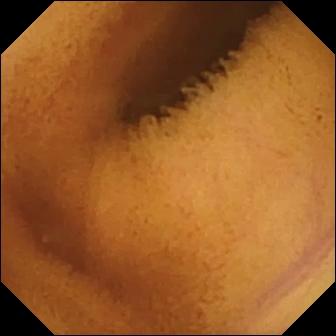Q: What does this VCE frame of the small bowel show?
A: Normal clean mucosa.